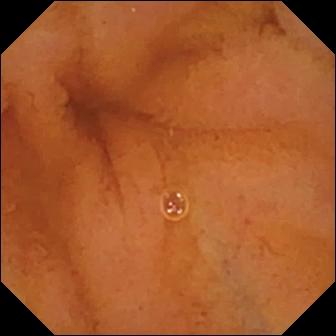Normal clean mucosa.